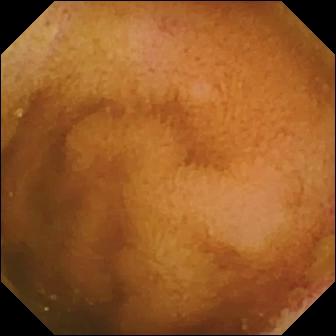WCE — erosion.